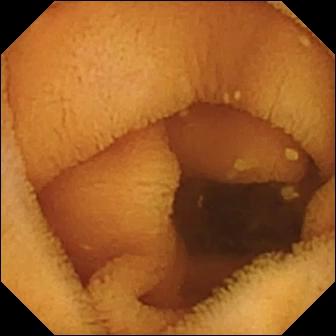Q: What does this capsule endoscopy snapshot of the small intestine show?
A: Normal clean mucosa.